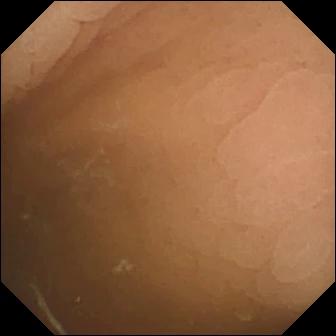Capsule endoscopy frame taken in the pylorus region.